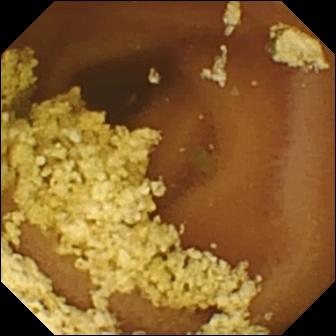{"modality": "video capsule endoscopy", "finding": "normal clean mucosa"}